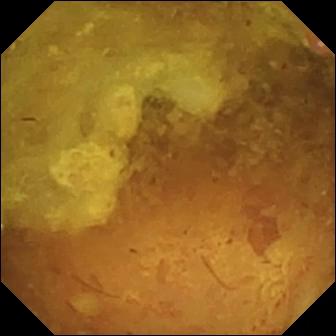- modality: wireless capsule endoscopy
- segment: small intestine
- category: luminal finding
- label: reduced mucosal view (content or bubbles obscuring the mucosa)